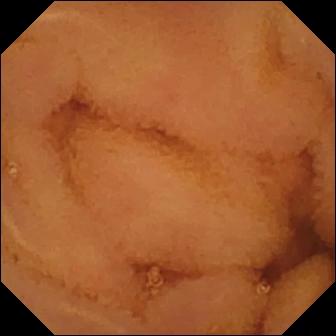Normal clean mucosa — capsule endoscopy image of the small bowel.